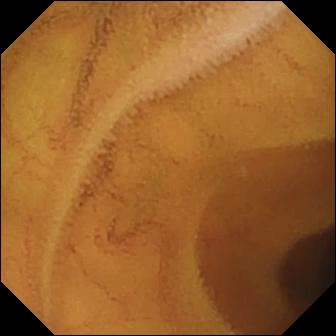{"modality": "WCE", "finding": "normal clean mucosa"}